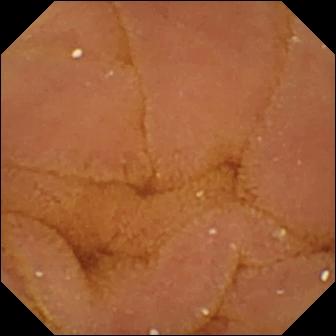VCE still. Normal clean mucosa.